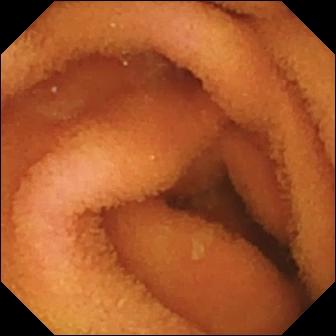Normal clean mucosa.